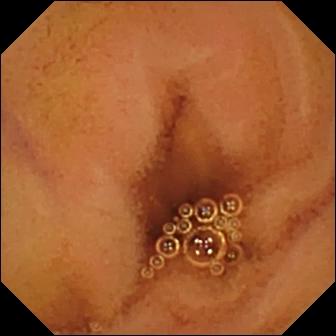VCE image. Normal clean mucosa.